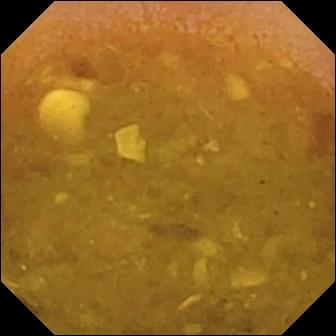WCE view, 336×336. Reduced mucosal view (content or bubbles obscuring the mucosa).